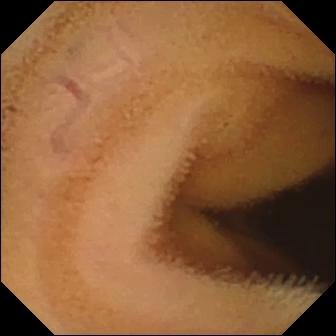This small-bowel capsule endoscopy snapshot of the small intestine shows normal clean mucosa.